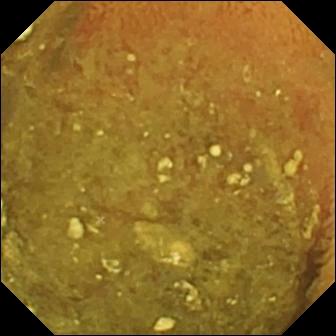WCE image
Label: reduced mucosal view (content or bubbles obscuring the mucosa)